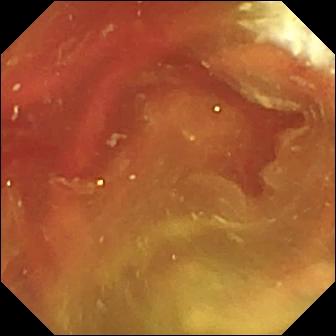Fresh blood in the lumen (336×336).